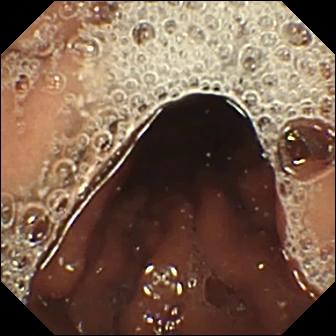Pylorus region (where the capsule passes from the stomach into the small bowel).